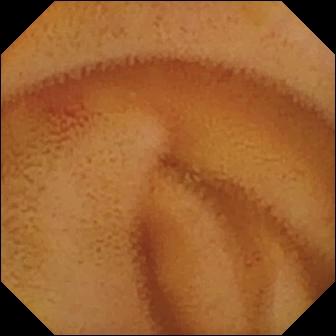{"modality": "video capsule endoscopy", "finding": "angiectasia"}